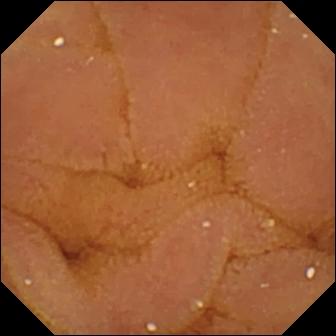Capsule endoscopy — normal clean mucosa.